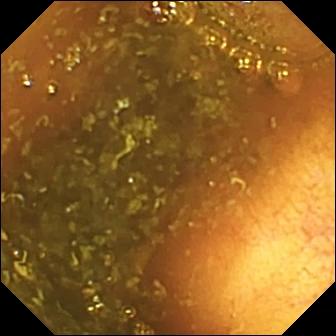Small-bowel capsule endoscopy image. Taken in the ileo-cecal valve region (the transition from the small bowel to the large bowel).